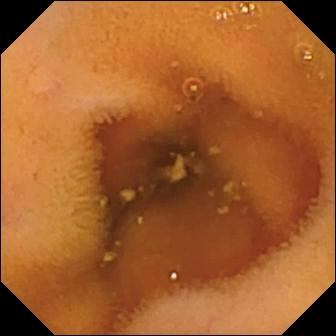Wireless capsule endoscopy view. Normal clean mucosa.